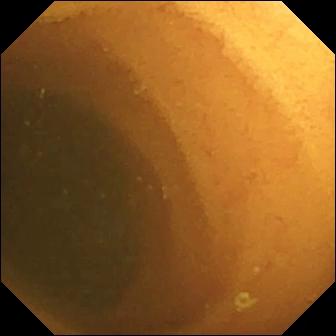Normal clean mucosa.